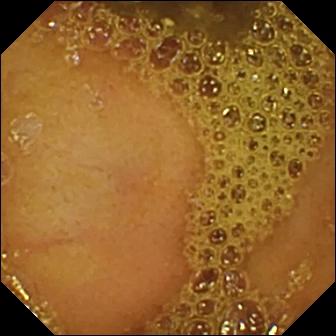Small-bowel capsule endoscopy image
Location: ileo-cecal valve region (where the capsule passes from the small bowel into the large bowel)